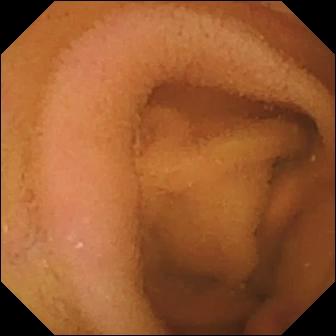- modality: capsule endoscopy
- segment: small intestine
- category: luminal finding
- observation: normal clean mucosa